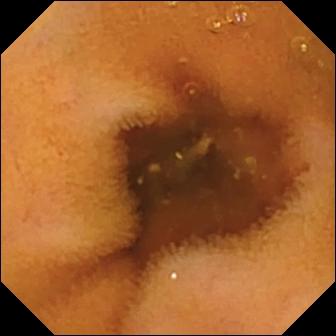- modality: small-bowel capsule endoscopy
- segment: small intestine
- category: luminal finding
- label: normal clean mucosa